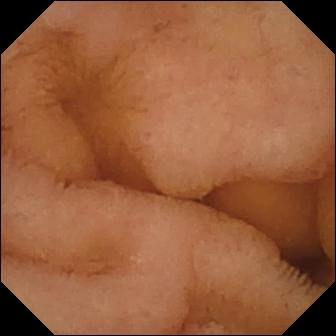Normal clean mucosa (336×336).